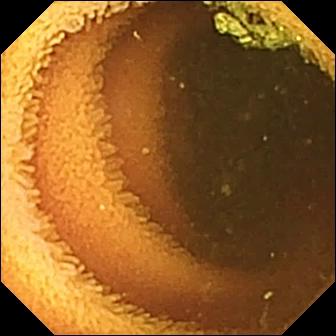Video capsule endoscopy image, small bowel
Observation: normal clean mucosa